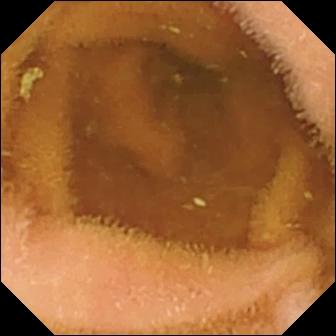Small-bowel capsule endoscopy — normal clean mucosa.